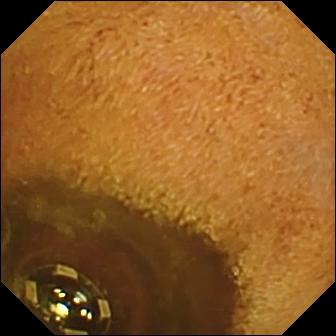Foreign body (e.g. retained capsule, tablet residue).